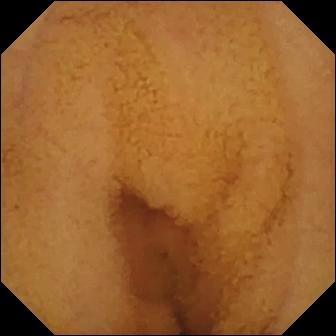PROCEDURE: Video capsule endoscopy.
FINDINGS: Normal clean mucosa.